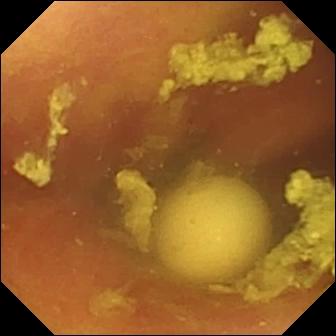Capsule endoscopy still
Impression: foreign body (e.g. retained capsule, tablet residue)